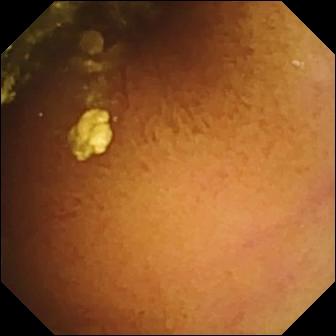VCE. Small bowel. Luminal finding. Observation: normal clean mucosa.